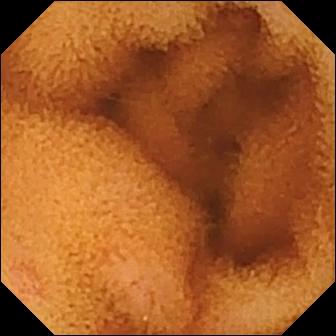Q: What does this capsule endoscopy still of the small intestine show?
A: Normal clean mucosa.